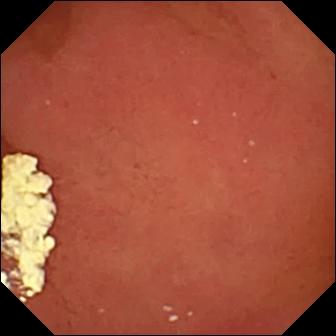Capsule endoscopy frame taken in the pylorus region (the junction between the stomach and the small bowel).